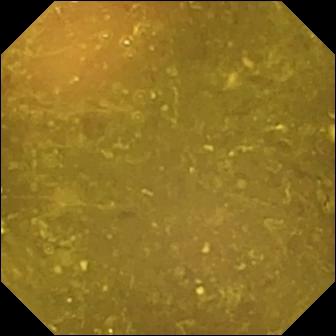PROCEDURE: Wireless capsule endoscopy.
SEGMENT: Small bowel.
FINDINGS: Reduced mucosal view (content or bubbles obscuring the mucosa).